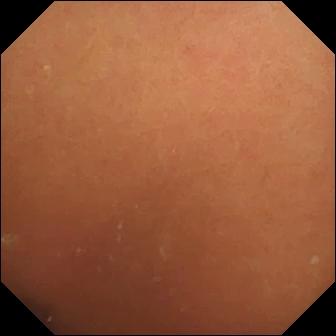Video capsule endoscopy frame showing normal clean mucosa.